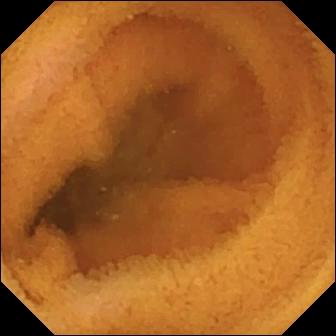Small-bowel capsule endoscopy view (small bowel), 336×336. Normal clean mucosa.